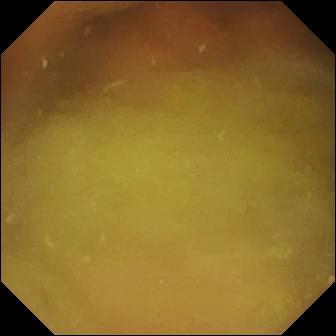- modality: wireless capsule endoscopy
- segment: small intestine
- finding: normal clean mucosa